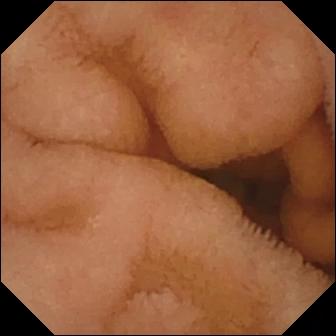VCE — normal clean mucosa.